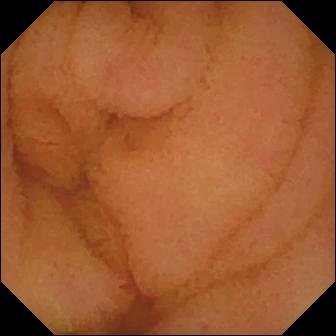Wireless capsule endoscopy — normal clean mucosa.